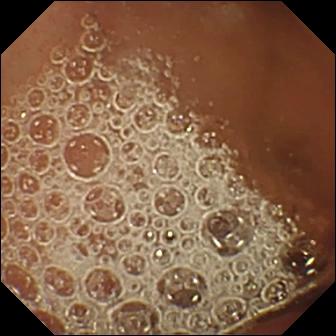Small-bowel capsule endoscopy. Luminal finding. Impression: normal clean mucosa.